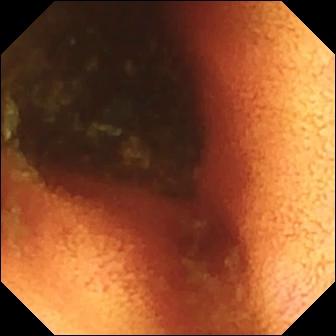VCE image, 336×336. Taken in the ileo-cecal valve region.